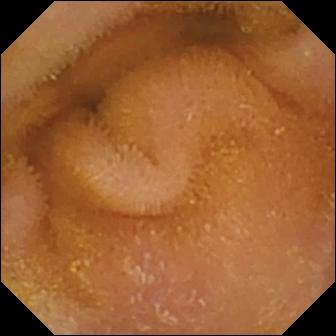{"modality": "VCE", "category": "luminal finding", "finding": "normal clean mucosa"}